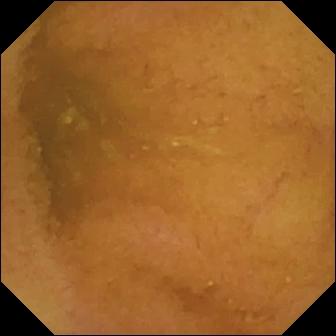Normal clean mucosa.